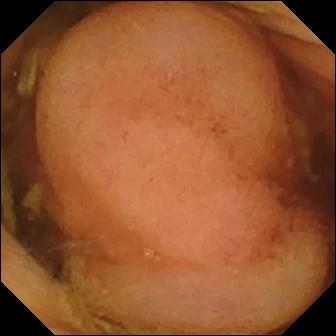- modality: WCE
- label: polyp